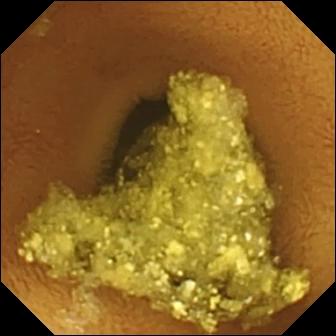PROCEDURE: Capsule endoscopy.
SEGMENT: Small intestine.
FINDINGS: Normal clean mucosa.